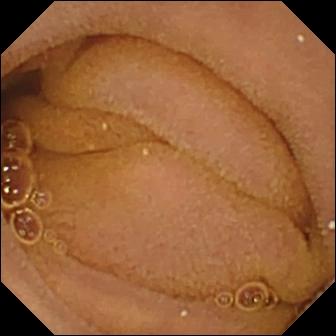PROCEDURE: WCE.
SEGMENT: Small bowel.
FINDINGS: Normal clean mucosa.